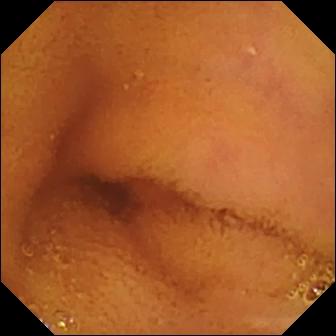Normal clean mucosa.